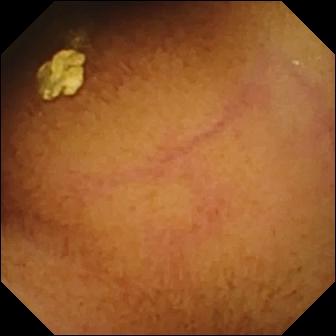VCE. Small intestine. Finding: normal clean mucosa.